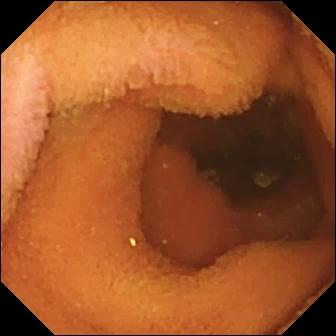modality: video capsule endoscopy | segment: small intestine | observation: normal clean mucosa